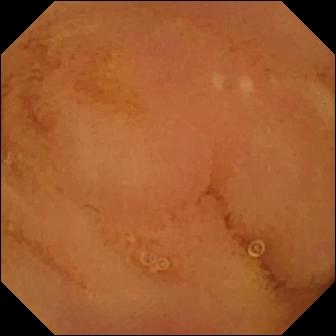- modality: wireless capsule endoscopy
- segment: small bowel
- category: luminal finding
- finding: normal clean mucosa